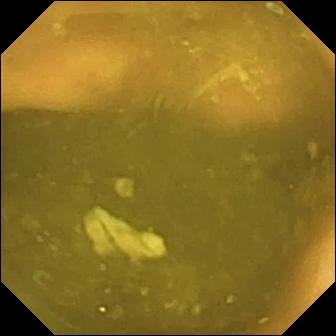Video capsule endoscopy frame taken in the ileo-cecal valve region (where the capsule passes from the small bowel into the large bowel).